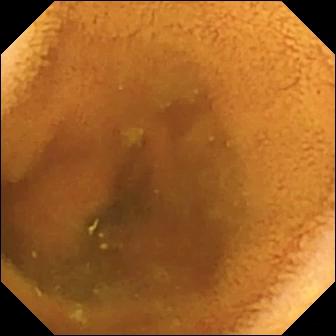VCE frame, small intestine
Label: normal clean mucosa